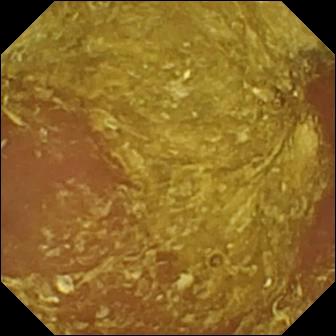This VCE image shows reduced mucosal view (content or bubbles obscuring the mucosa).